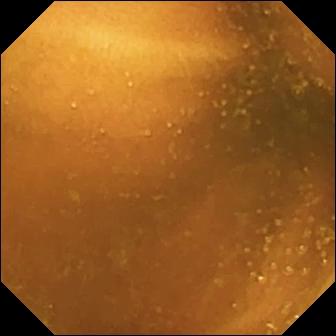{"modality": "capsule endoscopy", "segment": "small intestine", "finding": "normal clean mucosa"}